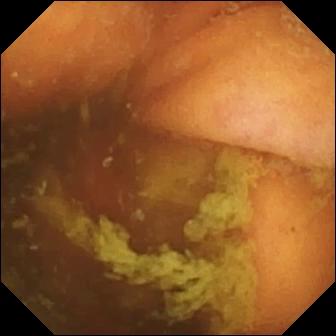Q: Where in the digestive tract was this small-bowel capsule endoscopy image taken?
A: Ileo-cecal valve region (the transition from the small bowel to the large bowel).